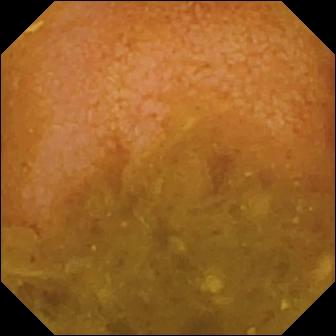Video capsule endoscopy image. Reduced mucosal view (content or bubbles obscuring the mucosa).